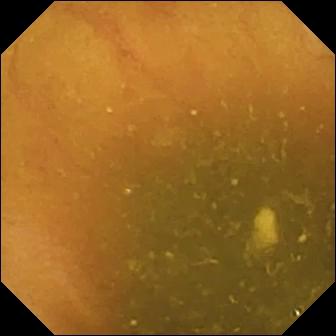WCE — ileo-cecal valve region.